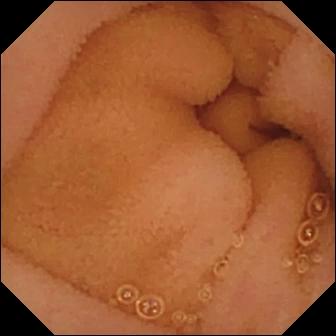Wireless capsule endoscopy still of the small bowel showing normal clean mucosa.